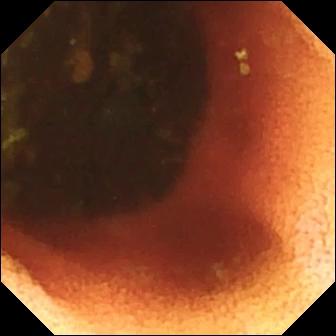Ileo-cecal valve region (where the capsule passes from the small bowel into the large bowel).